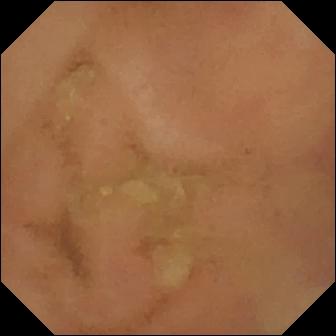{"modality": "capsule endoscopy", "segment": "small intestine", "category": "luminal finding", "finding": "normal clean mucosa"}